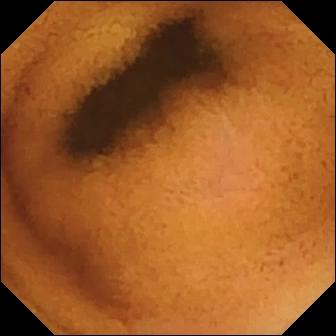{"modality": "small-bowel capsule endoscopy", "segment": "small bowel", "finding": "normal clean mucosa"}